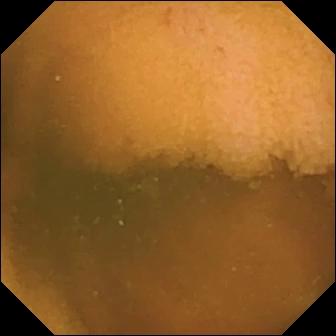Wireless capsule endoscopy still, small bowel
Impression: normal clean mucosa